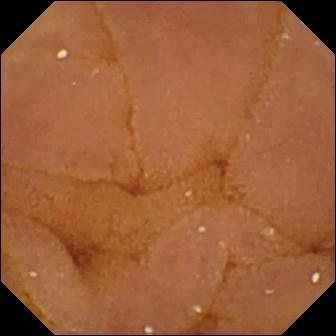Normal clean mucosa — small-bowel capsule endoscopy frame.